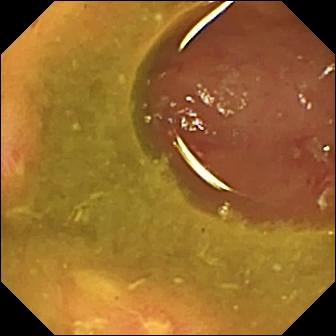Ulcer — small-bowel capsule endoscopy frame.